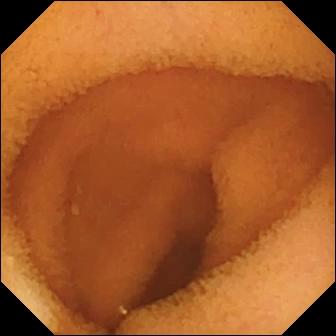Q: What does this small-bowel capsule endoscopy snapshot show?
A: Normal clean mucosa.